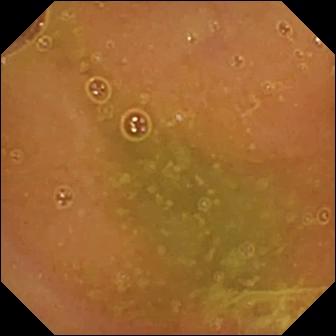PROCEDURE: VCE.
FINDINGS: Normal clean mucosa.